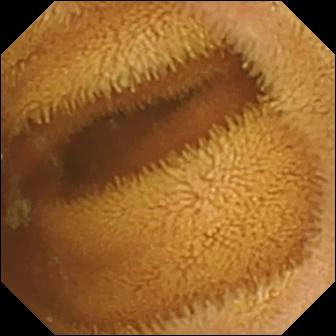VCE — normal clean mucosa.